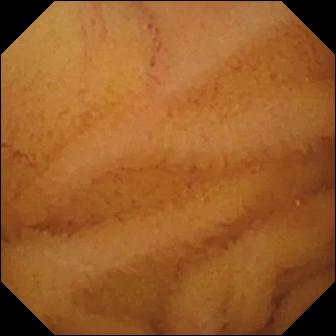modality: capsule endoscopy
segment: small bowel
category: luminal finding
finding: normal clean mucosa